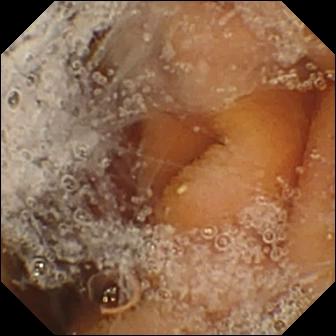Wireless capsule endoscopy — pylorus region (the junction between the stomach and the small bowel).